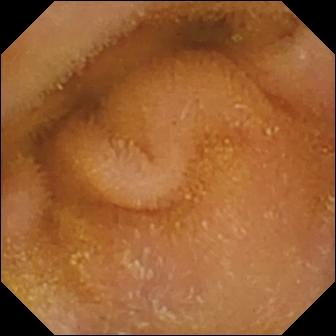WCE view, small intestine
Impression: normal clean mucosa